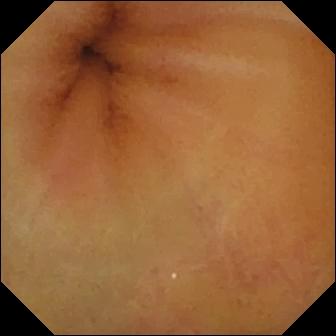WCE. Small intestine. Luminal finding. Impression: normal clean mucosa.